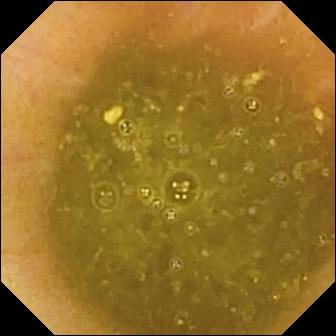Q: Where in the digestive tract was this wireless capsule endoscopy snapshot taken?
A: Ileo-cecal valve region.